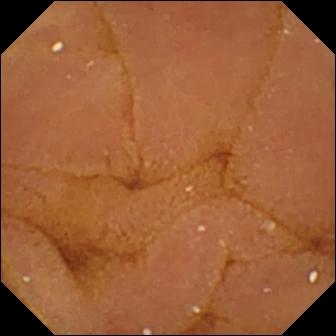modality: video capsule endoscopy | segment: small intestine | category: luminal finding | impression: normal clean mucosa